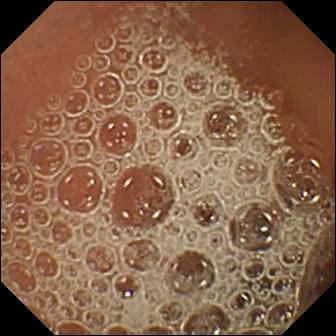Wireless capsule endoscopy image. Normal clean mucosa.